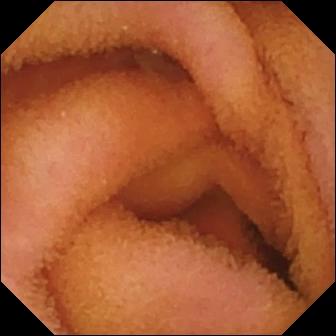Capsule endoscopy view. Normal clean mucosa.